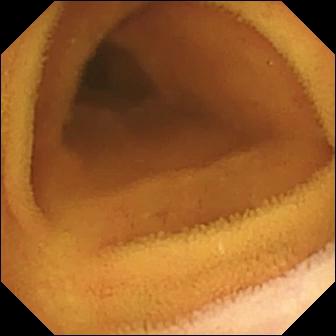Normal clean mucosa (336×336).